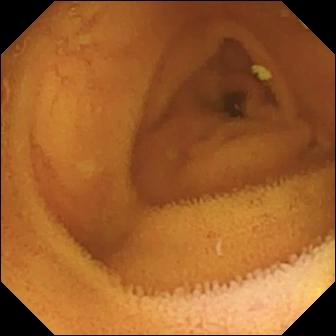{"modality": "VCE", "finding": "normal clean mucosa"}